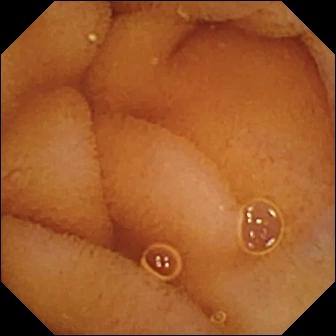This capsule endoscopy image of the small bowel shows normal clean mucosa.